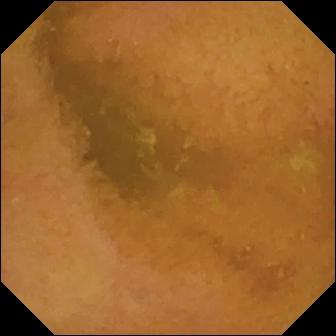modality: WCE; segment: small bowel; observation: normal clean mucosa